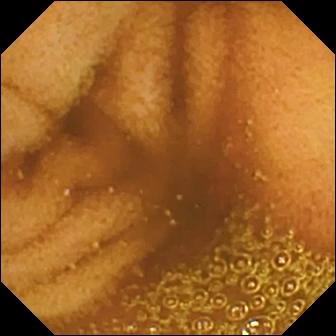- modality: VCE
- segment: small intestine
- observation: normal clean mucosa